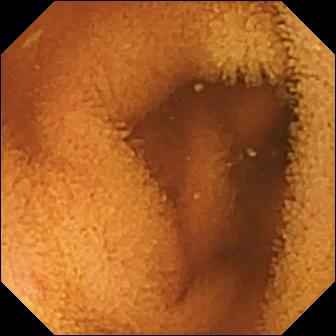Small-bowel capsule endoscopy — normal clean mucosa.